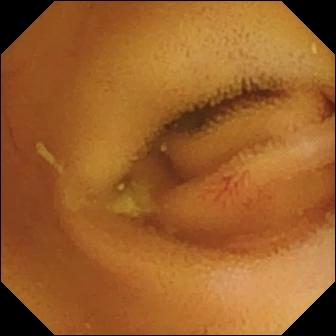Q: What does this video capsule endoscopy frame show?
A: Angiectasia.